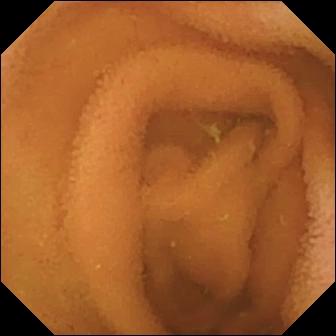Normal clean mucosa — VCE still.